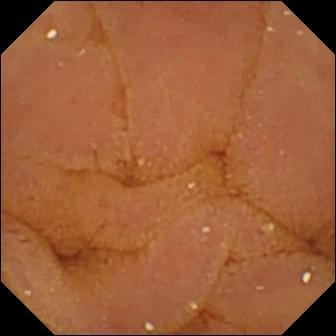This VCE image shows normal clean mucosa.